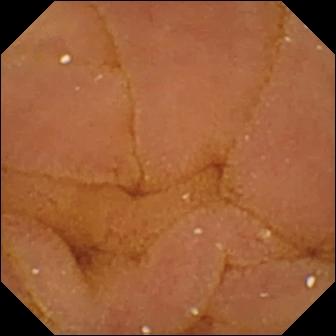WCE. Small intestine. Luminal finding. Label: normal clean mucosa.